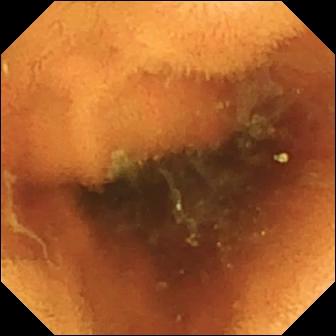Normal clean mucosa.